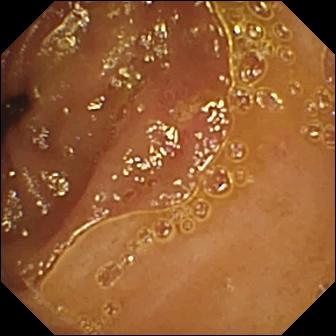modality: wireless capsule endoscopy | impression: ulcer